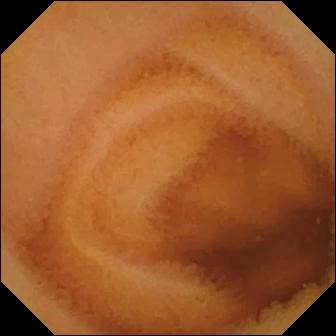modality: small-bowel capsule endoscopy
finding: normal clean mucosa